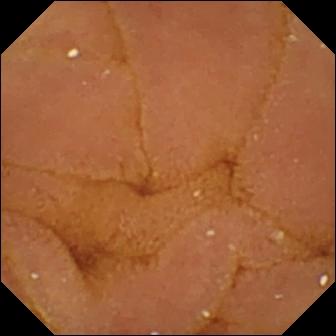Wireless capsule endoscopy — normal clean mucosa.